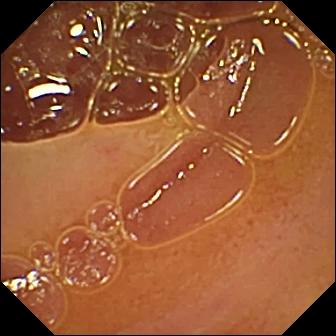Normal clean mucosa (336×336).